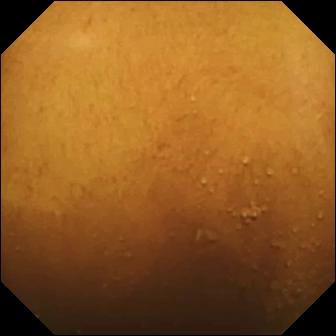Wireless capsule endoscopy. Small intestine. Luminal finding. Observation: normal clean mucosa.